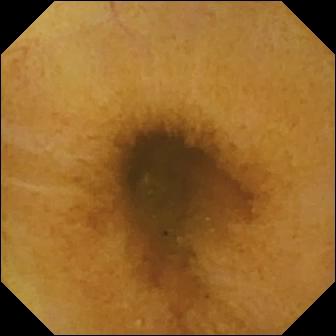Normal clean mucosa — WCE view of the small bowel.